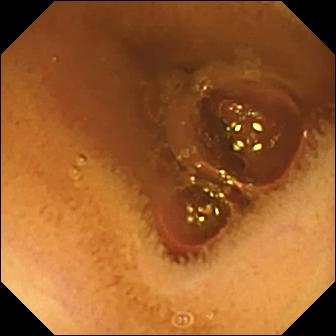PROCEDURE: WCE.
SEGMENT: Small intestine.
FINDINGS: Normal clean mucosa.